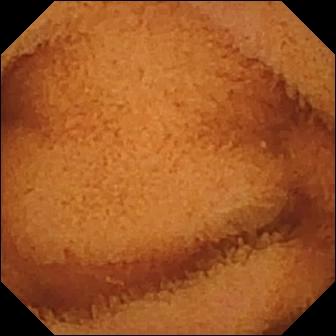modality: small-bowel capsule endoscopy; observation: normal clean mucosa